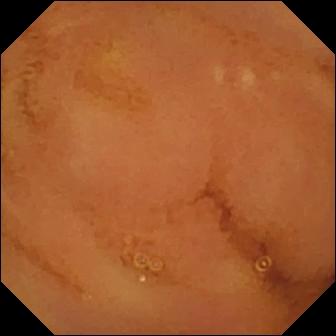VCE. Finding: normal clean mucosa.